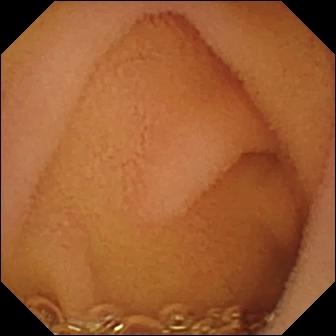Small-bowel capsule endoscopy snapshot
Observation: normal clean mucosa